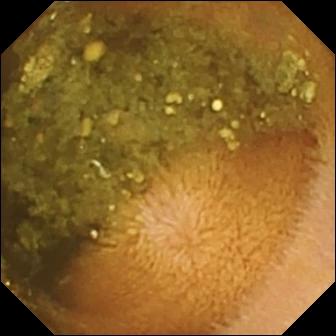Video capsule endoscopy image of the small intestine showing reduced mucosal view (content or bubbles obscuring the mucosa).